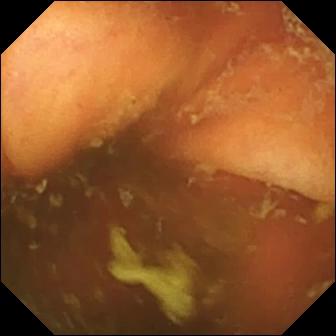Small-bowel capsule endoscopy snapshot
Label: ileo-cecal valve region